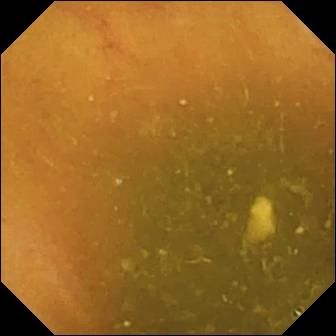This video capsule endoscopy still was taken in the ileo-cecal valve region (where the capsule passes from the small bowel into the large bowel).